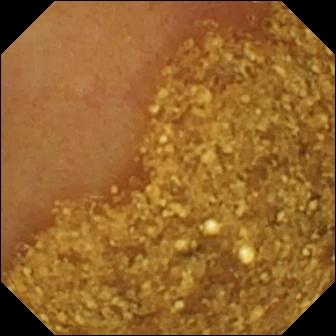PROCEDURE: WCE.
POSITION: Ileo-cecal valve region (the transition from the small bowel to the large bowel).